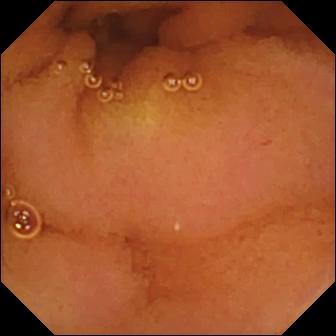Video capsule endoscopy. Label: normal clean mucosa.